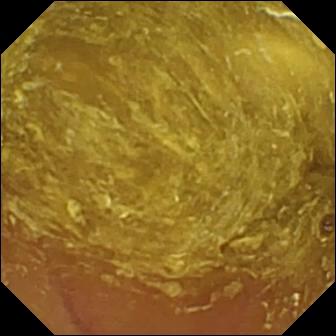This capsule endoscopy snapshot shows reduced mucosal view (content or bubbles obscuring the mucosa).